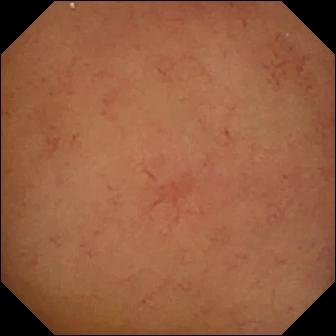Normal clean mucosa.